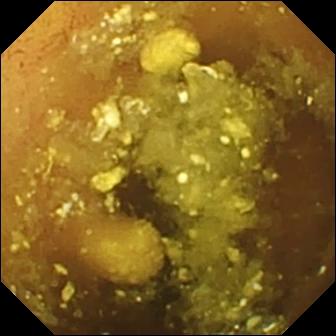Wireless capsule endoscopy view
Impression: lymphangiectasia